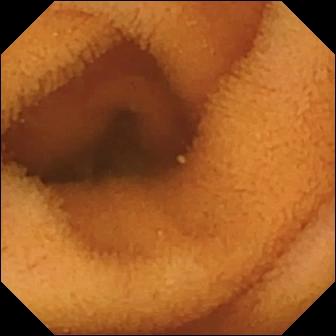WCE image, small intestine
Observation: normal clean mucosa